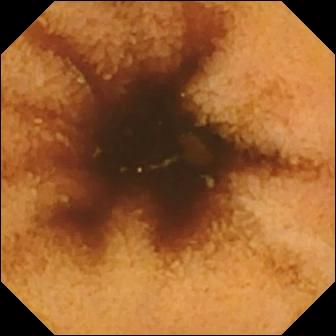VCE image. Normal clean mucosa.